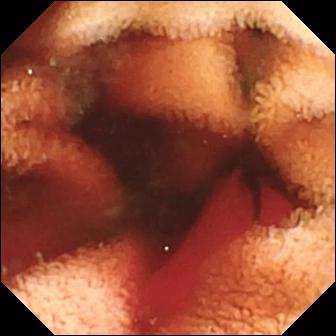Q: What does this wireless capsule endoscopy view show?
A: Fresh blood in the lumen.